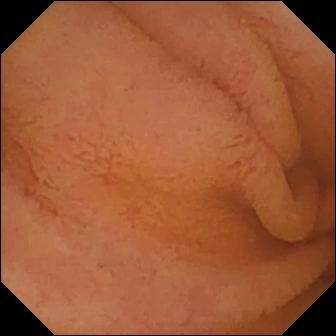Wireless capsule endoscopy. Small bowel. Finding: normal clean mucosa.